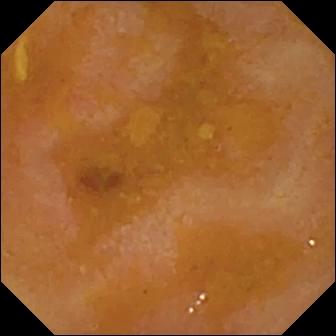Reduced mucosal view (content or bubbles obscuring the mucosa) — WCE frame of the small intestine.